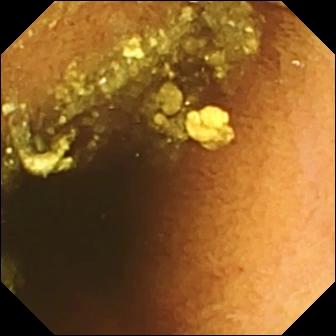Video capsule endoscopy — normal clean mucosa.